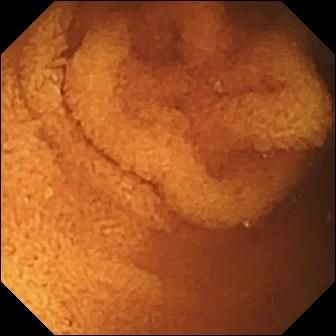Normal clean mucosa (336×336).